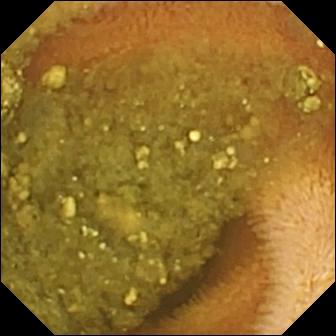- modality: small-bowel capsule endoscopy
- segment: small intestine
- impression: reduced mucosal view (content or bubbles obscuring the mucosa)